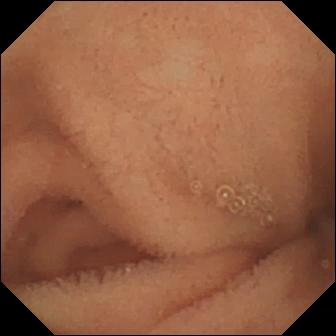WCE still. Normal clean mucosa.